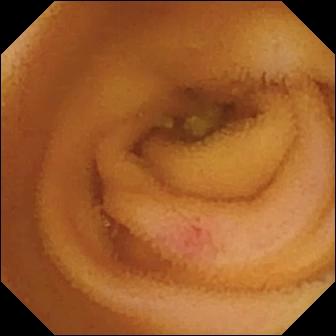This WCE frame shows angiectasia.